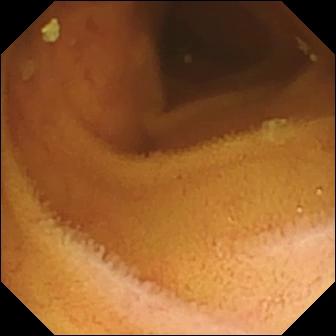Small-bowel capsule endoscopy snapshot showing normal clean mucosa.